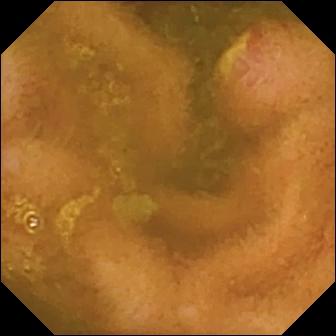Wireless capsule endoscopy. Finding: ulcer.